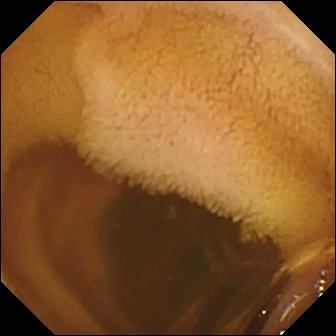Q: What does this capsule endoscopy view show?
A: Normal clean mucosa.